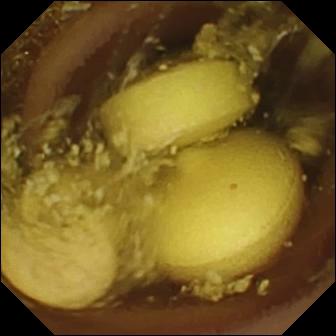PROCEDURE: Capsule endoscopy.
FINDINGS: Foreign body (e.g. retained capsule, tablet residue).